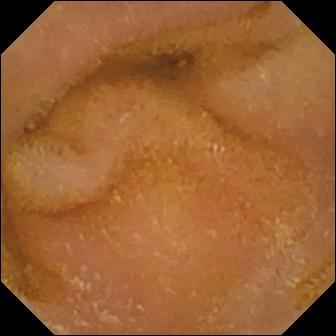Wireless capsule endoscopy frame showing normal clean mucosa.